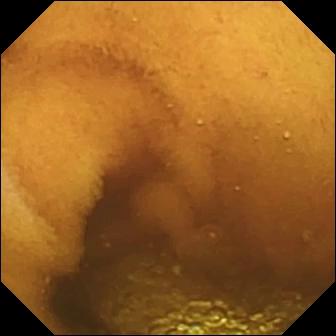Q: What does this capsule endoscopy view of the small bowel show?
A: Normal clean mucosa.